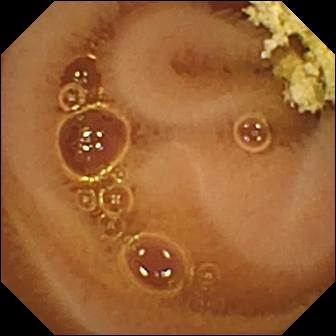VCE frame. Normal clean mucosa.